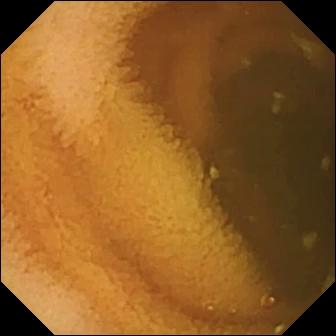VCE snapshot (small bowel), 336×336. Normal clean mucosa.